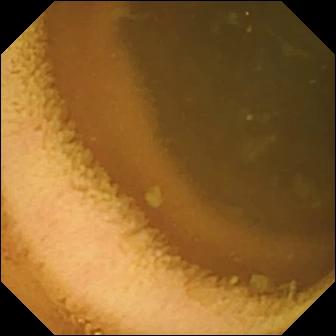modality: VCE | segment: small bowel | category: luminal finding | finding: normal clean mucosa